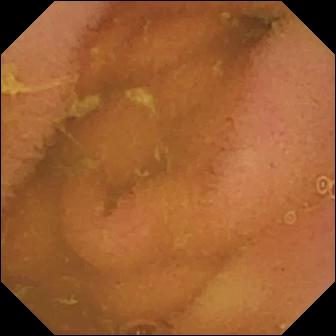Capsule endoscopy image, small intestine
Impression: normal clean mucosa